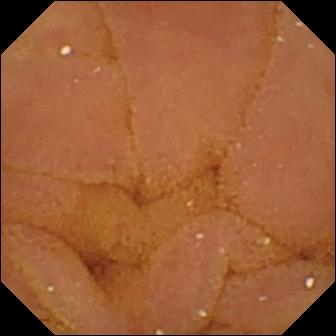{"modality": "WCE", "category": "luminal finding", "finding": "normal clean mucosa"}